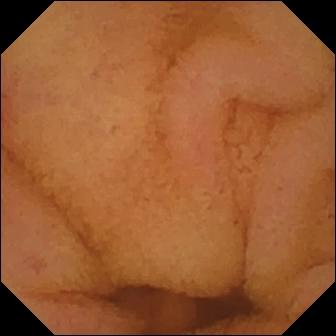Small-bowel capsule endoscopy. Luminal finding. Observation: normal clean mucosa.